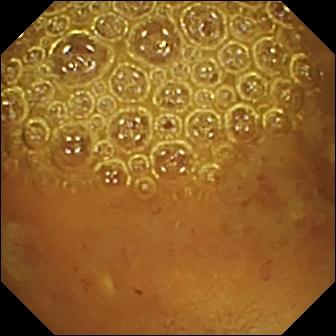Wireless capsule endoscopy snapshot, small bowel
Impression: reduced mucosal view (content or bubbles obscuring the mucosa)